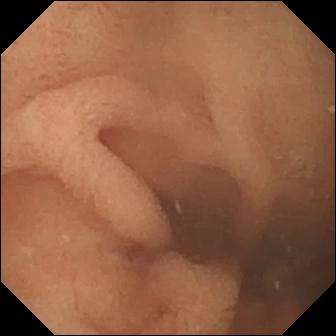{"modality": "capsule endoscopy", "segment": "small intestine", "category": "luminal finding", "finding": "normal clean mucosa"}